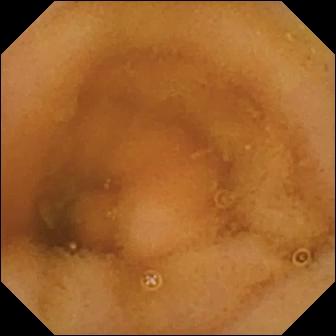Video capsule endoscopy view
Finding: normal clean mucosa